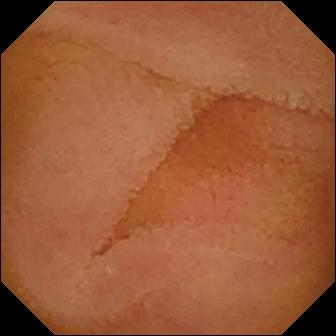VCE view, 336×336. Normal clean mucosa.